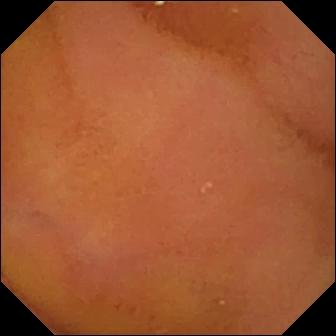Capsule endoscopy — normal clean mucosa.